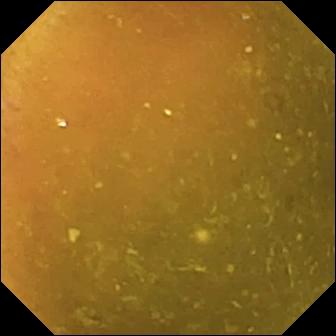Ileo-cecal valve region — WCE view.